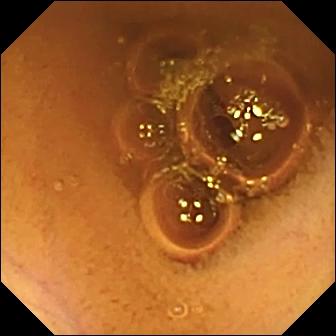- modality: capsule endoscopy
- finding: normal clean mucosa